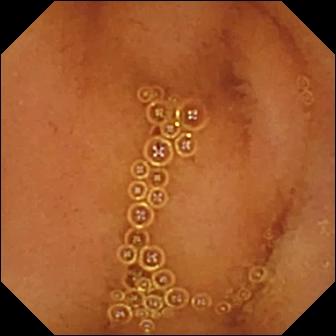Capsule endoscopy — normal clean mucosa.